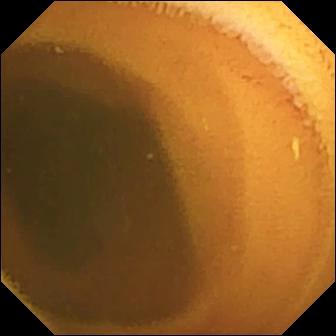Video capsule endoscopy still of the small bowel showing normal clean mucosa.